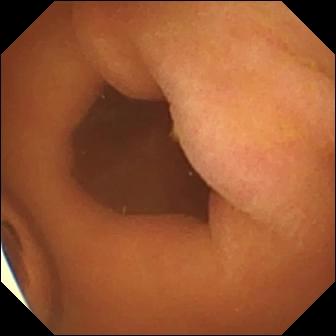PROCEDURE: Small-bowel capsule endoscopy.
FINDINGS: Foreign body (e.g. retained capsule, tablet residue).